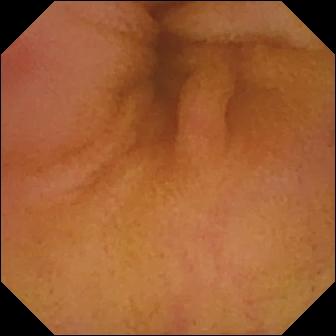This VCE image shows erythema (mucosal redness).